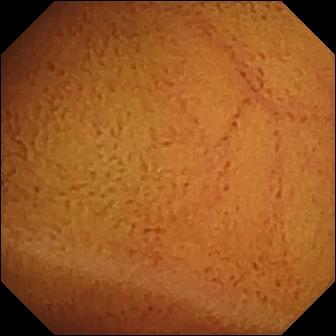Normal clean mucosa.